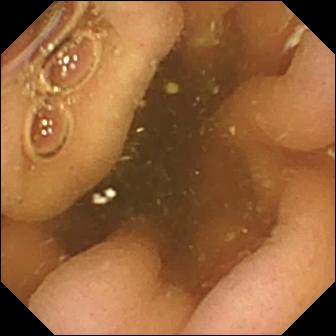{"modality": "video capsule endoscopy", "video_segment": "pylorus region"}